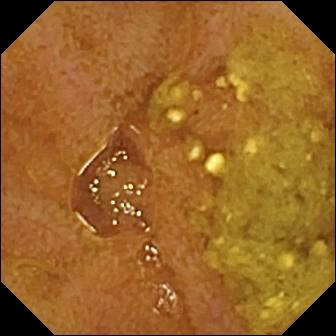- modality: wireless capsule endoscopy
- video segment: ileo-cecal valve region